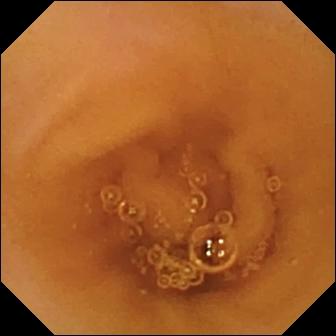modality: small-bowel capsule endoscopy | observation: normal clean mucosa